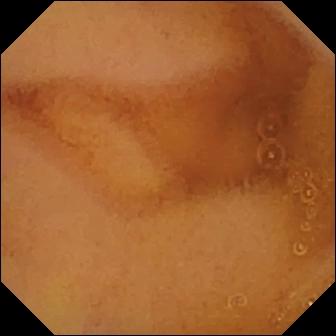This capsule endoscopy view shows normal clean mucosa.